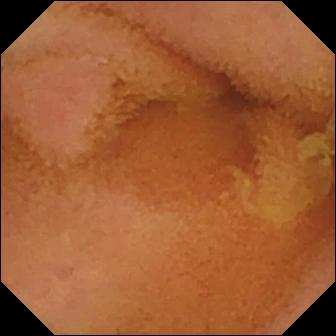WCE — normal clean mucosa.